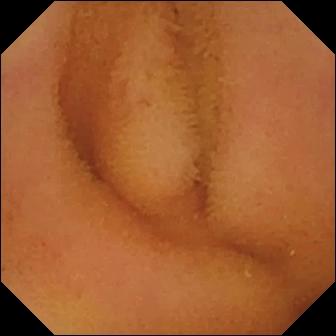Wireless capsule endoscopy snapshot showing normal clean mucosa.